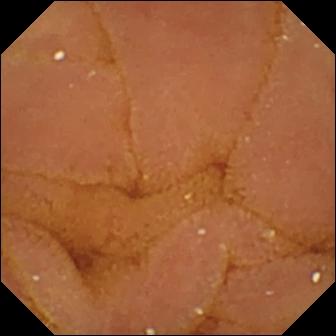{"modality": "video capsule endoscopy", "finding": "normal clean mucosa"}